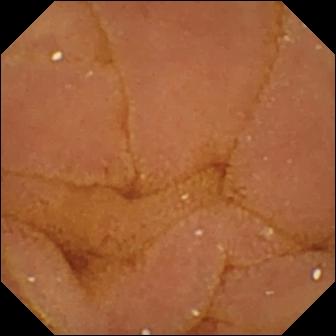Small-bowel capsule endoscopy. Luminal finding. Impression: normal clean mucosa.